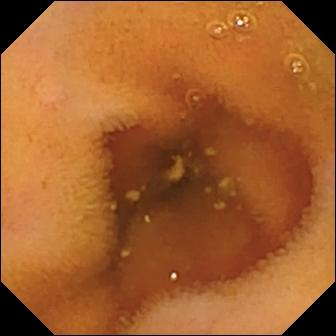modality: WCE; segment: small bowel; observation: normal clean mucosa